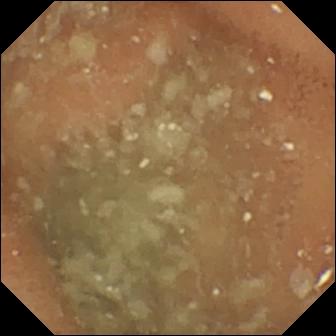modality: video capsule endoscopy
segment: small bowel
category: luminal finding
label: normal clean mucosa